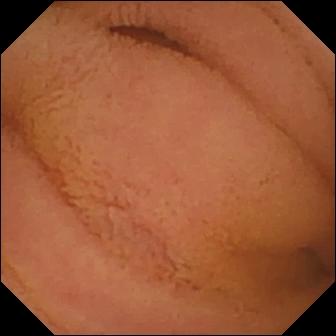VCE — normal clean mucosa.